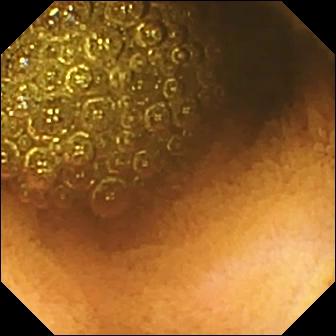PROCEDURE: VCE.
FINDINGS: Reduced mucosal view (content or bubbles obscuring the mucosa).